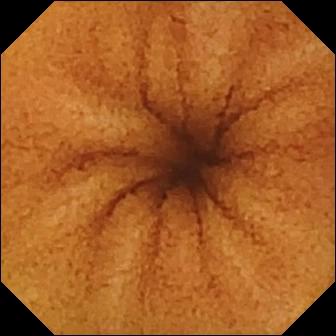WCE — normal clean mucosa.